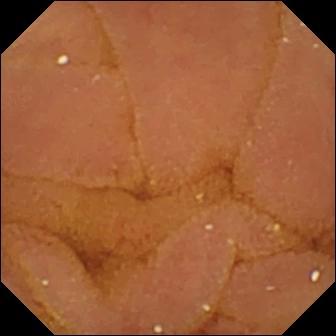Q: What does this video capsule endoscopy view of the small bowel show?
A: Normal clean mucosa.